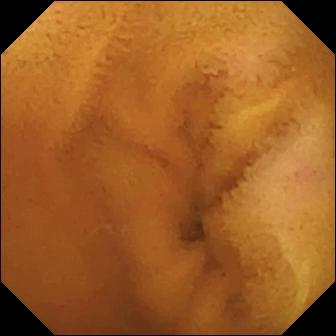Wireless capsule endoscopy image of the small bowel showing normal clean mucosa.